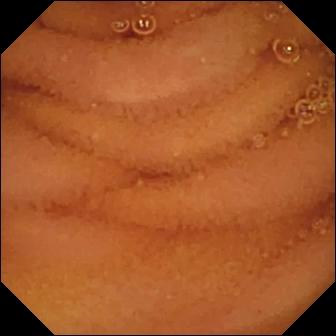This VCE still shows normal clean mucosa.